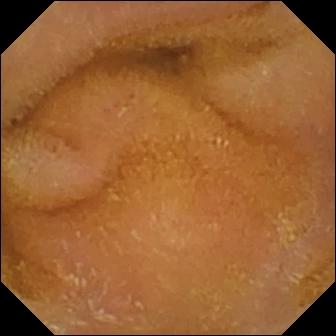PROCEDURE: Small-bowel capsule endoscopy.
SEGMENT: Small intestine.
FINDINGS: Normal clean mucosa.